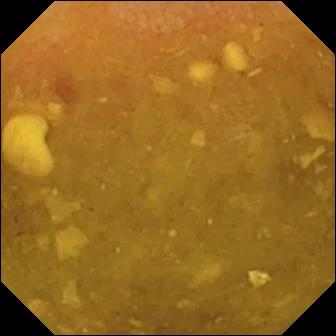Reduced mucosal view (content or bubbles obscuring the mucosa) — capsule endoscopy snapshot.